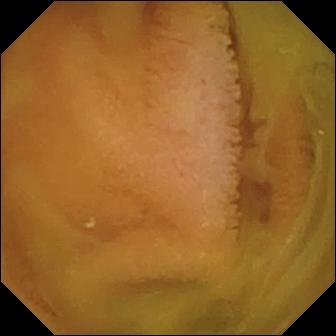Normal clean mucosa — capsule endoscopy still of the small bowel.